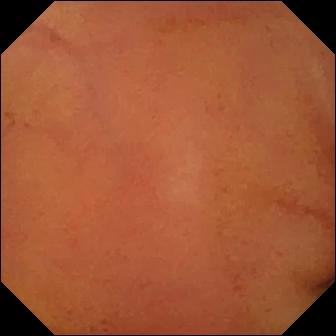modality: capsule endoscopy; segment: small bowel; label: normal clean mucosa